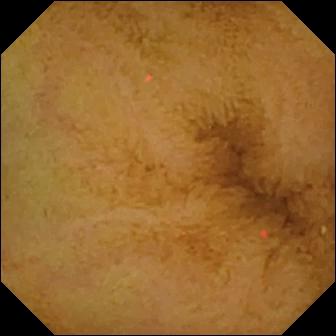Normal clean mucosa — video capsule endoscopy view of the small bowel.